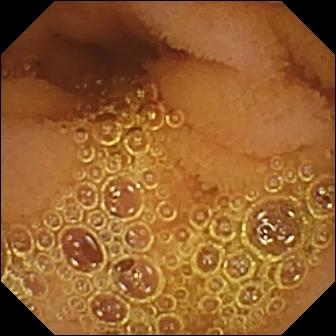{"modality": "VCE", "finding": "normal clean mucosa"}